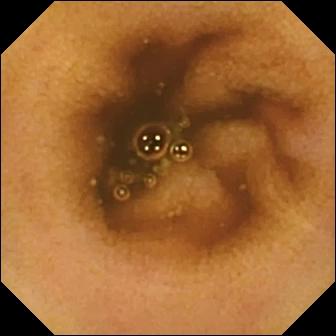Small-bowel capsule endoscopy. Small bowel. Impression: normal clean mucosa.